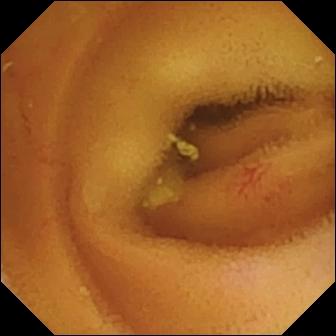{"modality": "capsule endoscopy", "finding": "angiectasia"}